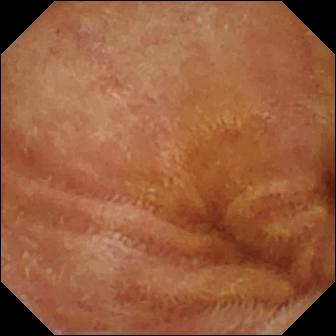modality: wireless capsule endoscopy; segment: small intestine; category: luminal finding; label: normal clean mucosa